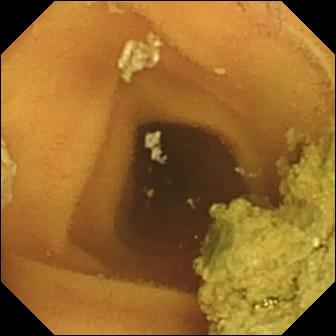modality: capsule endoscopy
observation: normal clean mucosa